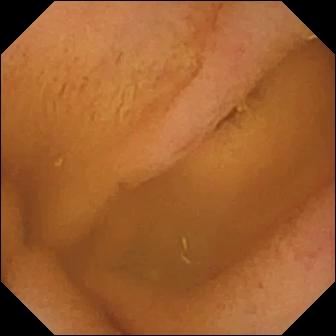Wireless capsule endoscopy image (small bowel), 336×336. Normal clean mucosa.